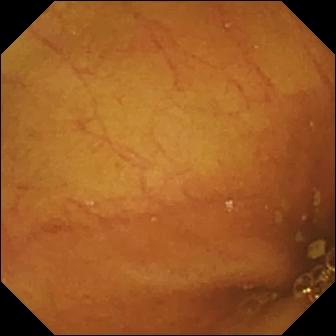Wireless capsule endoscopy frame, 336×336. Taken in the ileo-cecal valve region (where the capsule passes from the small bowel into the large bowel).